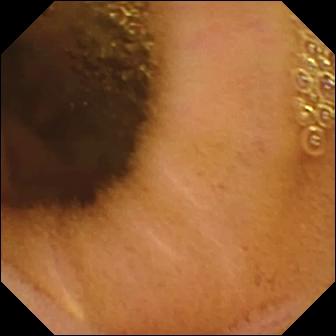Normal clean mucosa.